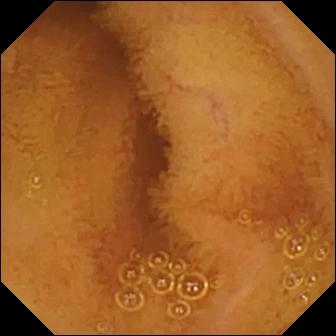Normal clean mucosa — VCE frame.